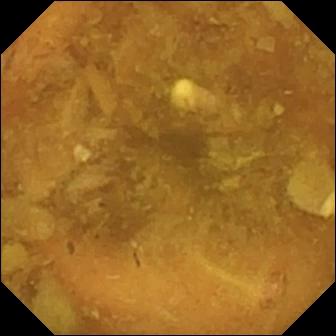WCE still
Impression: reduced mucosal view (content or bubbles obscuring the mucosa)